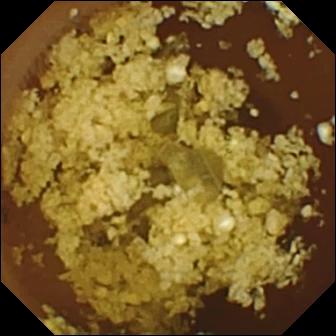PROCEDURE: Small-bowel capsule endoscopy.
FINDINGS: Normal clean mucosa.